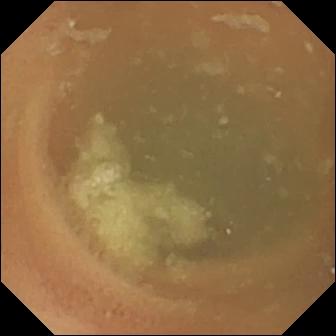Normal clean mucosa.